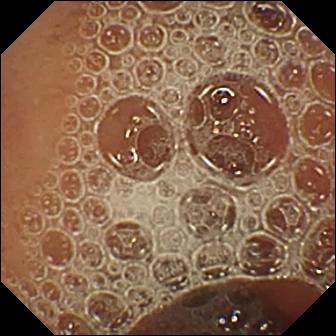modality: VCE | label: normal clean mucosa